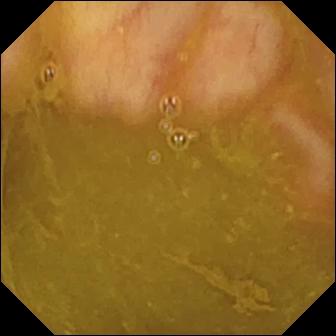Ileo-cecal valve region — VCE view.